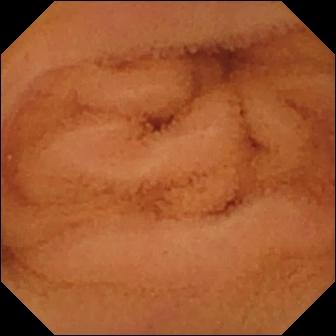Normal clean mucosa (336×336).